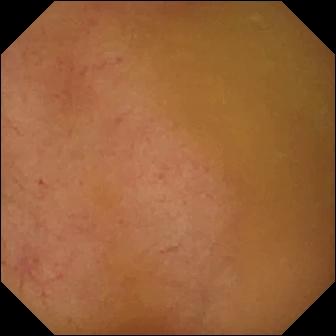Normal clean mucosa — VCE view of the small bowel.